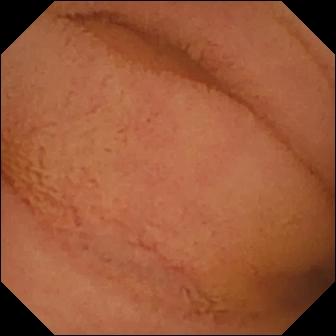Normal clean mucosa.